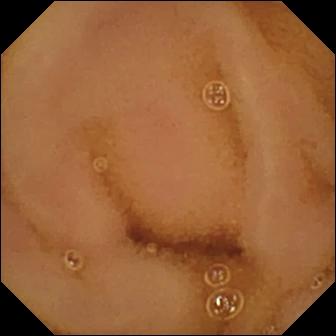WCE snapshot showing normal clean mucosa.